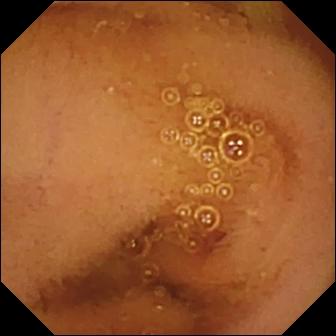Wireless capsule endoscopy. Small intestine. Luminal finding. Finding: normal clean mucosa.